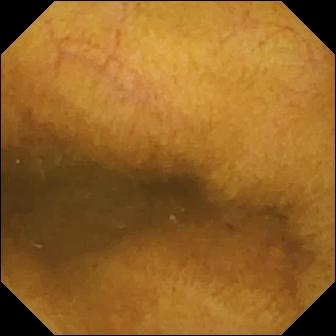Wireless capsule endoscopy. Label: normal clean mucosa.